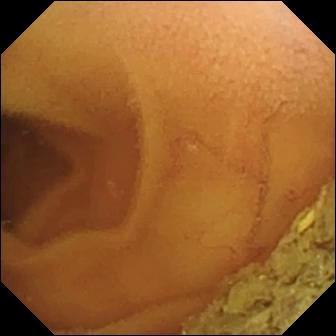This capsule endoscopy frame of the small intestine shows normal clean mucosa.